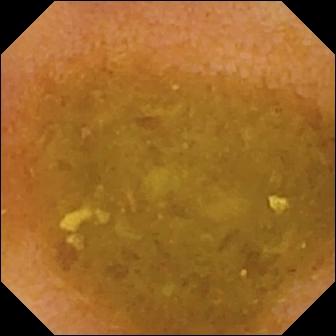Q: What does this small-bowel capsule endoscopy still of the small intestine show?
A: Reduced mucosal view (content or bubbles obscuring the mucosa).